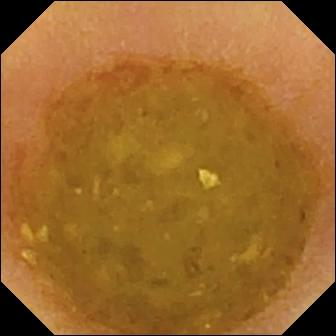Video capsule endoscopy. Small intestine. Impression: reduced mucosal view (content or bubbles obscuring the mucosa).